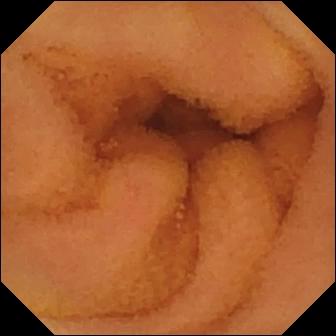Capsule endoscopy still
Label: normal clean mucosa